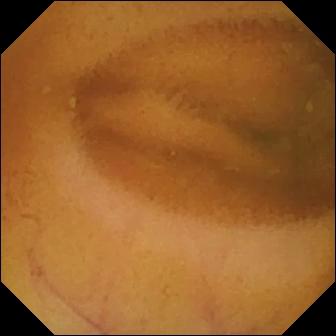WCE snapshot of the small intestine showing normal clean mucosa.